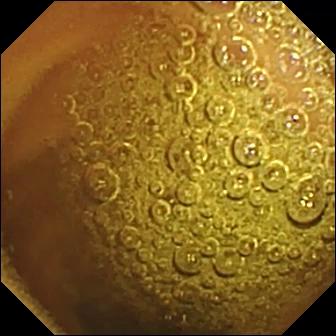modality: wireless capsule endoscopy; label: normal clean mucosa